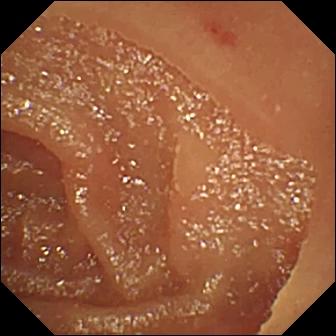This WCE view shows angiectasia.